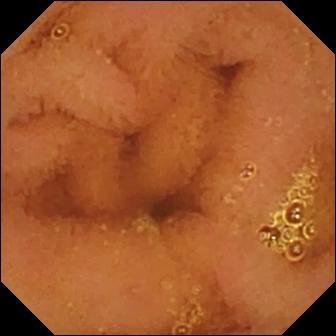Normal clean mucosa — wireless capsule endoscopy still of the small intestine.